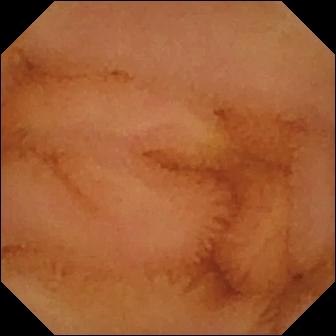Small-bowel capsule endoscopy — normal clean mucosa.